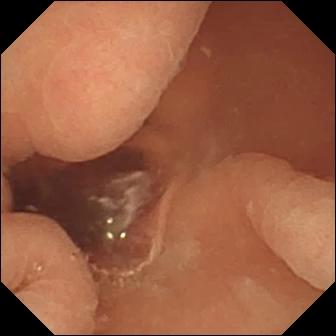Q: What does this VCE snapshot show?
A: Normal clean mucosa.